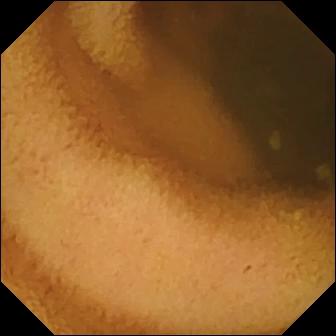Normal clean mucosa (336×336).